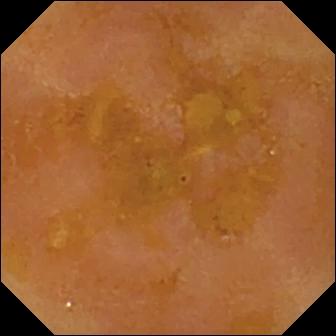Wireless capsule endoscopy still. Reduced mucosal view (content or bubbles obscuring the mucosa).